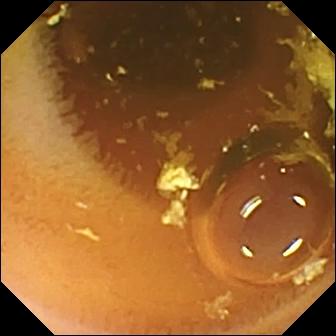WCE snapshot, small bowel
Finding: normal clean mucosa